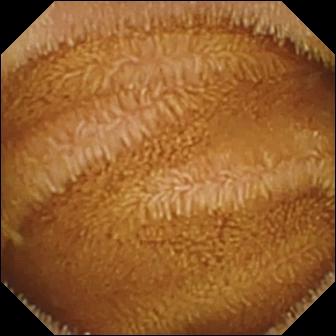Video capsule endoscopy — normal clean mucosa.